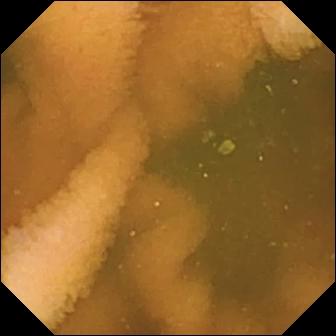This capsule endoscopy frame of the small bowel shows normal clean mucosa.